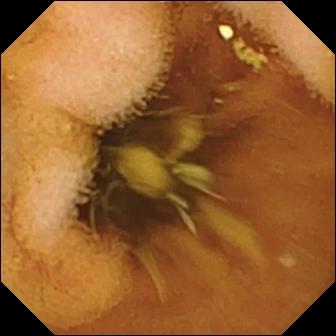Capsule endoscopy view (small intestine). Normal clean mucosa.